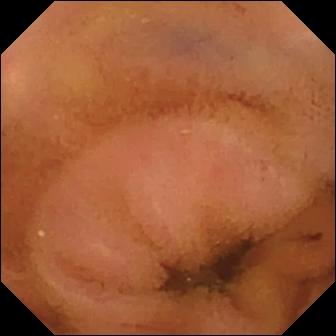{"modality": "small-bowel capsule endoscopy", "finding": "normal clean mucosa"}